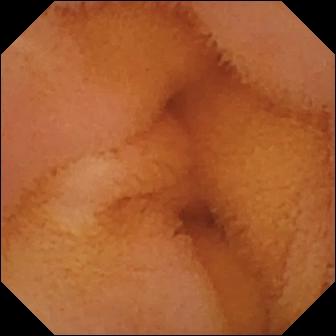Q: What does this VCE view show?
A: Normal clean mucosa.